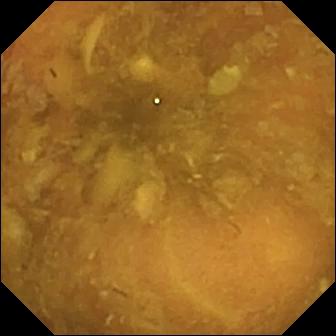modality: WCE | observation: reduced mucosal view (content or bubbles obscuring the mucosa)